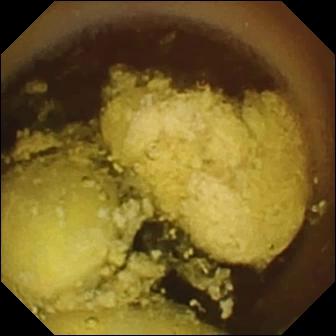WCE frame
Observation: foreign body (e.g. retained capsule, tablet residue)